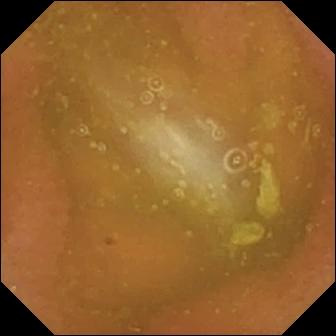{"modality": "wireless capsule endoscopy", "finding": "normal clean mucosa"}